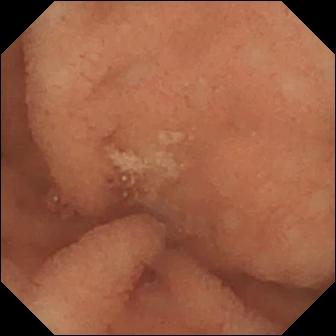Small-bowel capsule endoscopy — normal clean mucosa.